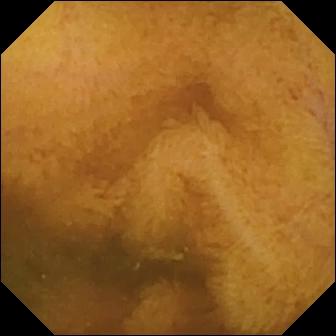Q: What does this video capsule endoscopy view show?
A: Normal clean mucosa.